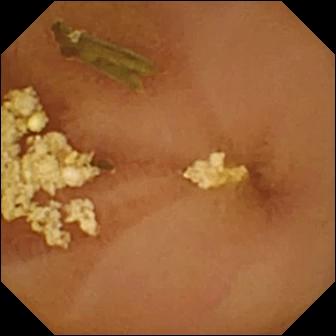{"modality": "small-bowel capsule endoscopy", "segment": "small bowel", "finding": "normal clean mucosa"}